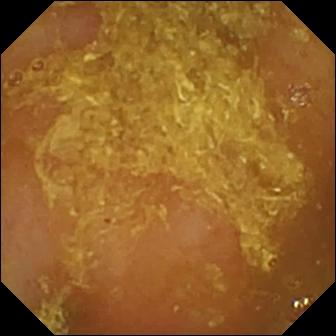- modality: small-bowel capsule endoscopy
- segment: small bowel
- label: reduced mucosal view (content or bubbles obscuring the mucosa)